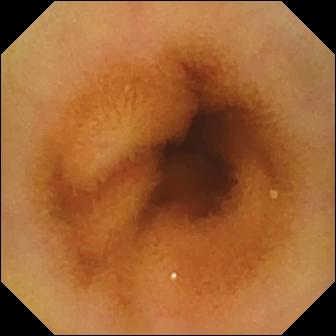Capsule endoscopy still (small intestine), 336×336. Normal clean mucosa.